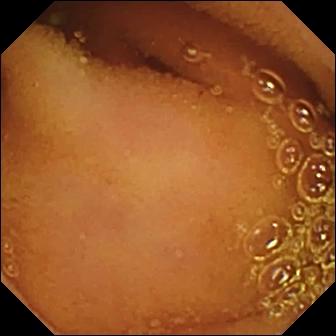This wireless capsule endoscopy frame of the small intestine shows normal clean mucosa.